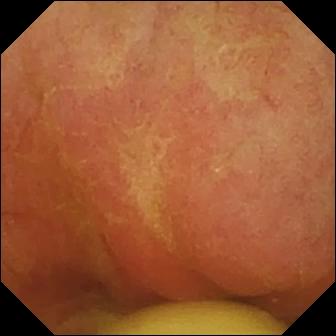Video capsule endoscopy view
Impression: foreign body (e.g. retained capsule, tablet residue)